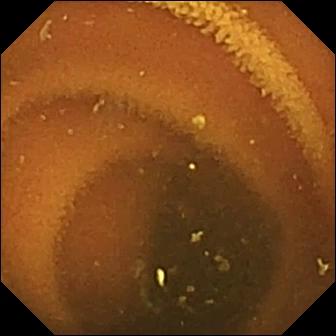Video capsule endoscopy image of the small bowel showing normal clean mucosa.